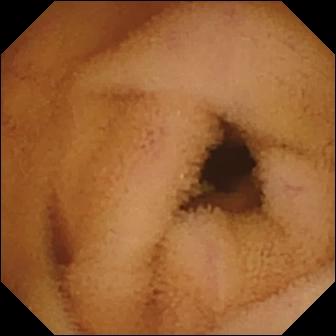modality: WCE | category: luminal finding | label: normal clean mucosa